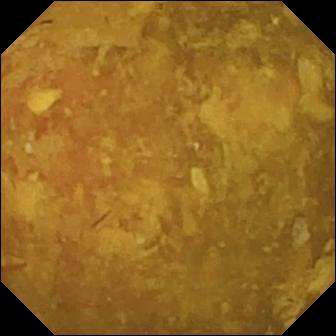Reduced mucosal view (content or bubbles obscuring the mucosa) — VCE image.